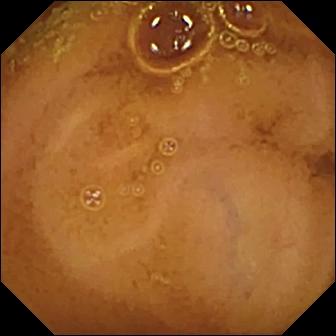{"modality": "WCE", "segment": "small bowel", "finding": "normal clean mucosa"}